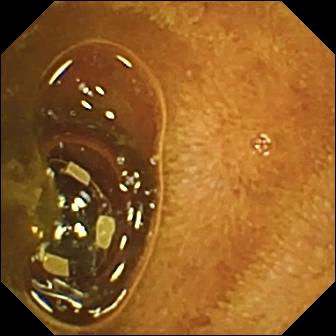Foreign body (e.g. retained capsule, tablet residue).